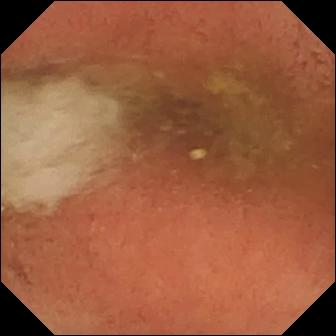This VCE frame was taken in the pylorus region (where the capsule passes from the stomach into the small bowel).